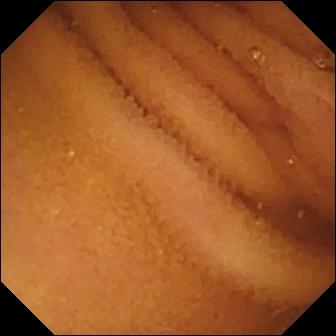VCE — normal clean mucosa.